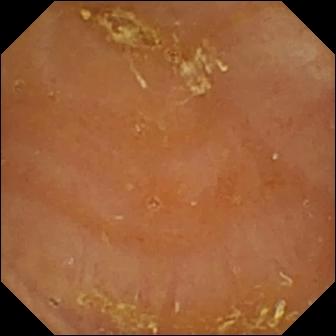Capsule endoscopy snapshot
Finding: reduced mucosal view (content or bubbles obscuring the mucosa)